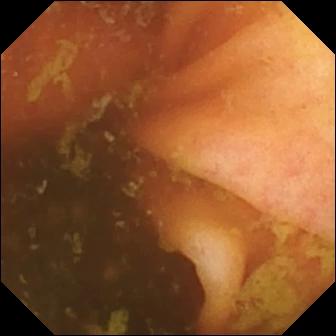modality: small-bowel capsule endoscopy; position: ileo-cecal valve region (where the capsule passes from the small bowel into the large bowel)